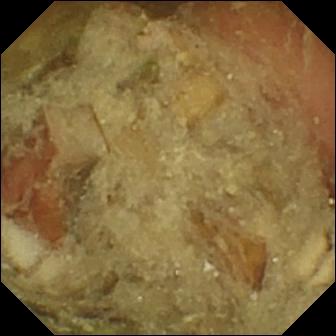{"modality": "VCE", "position": "pylorus region (the junction between the stomach and the small bowel)"}